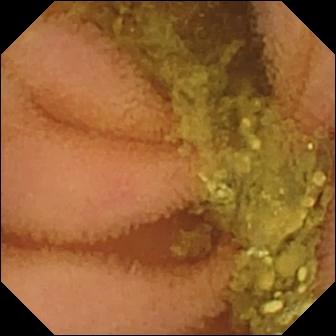Video capsule endoscopy — normal clean mucosa.